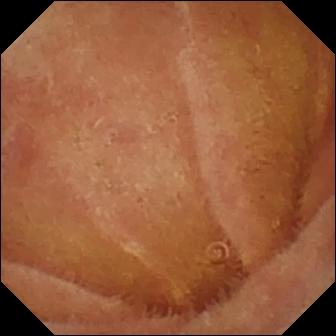Small-bowel capsule endoscopy still
Observation: normal clean mucosa